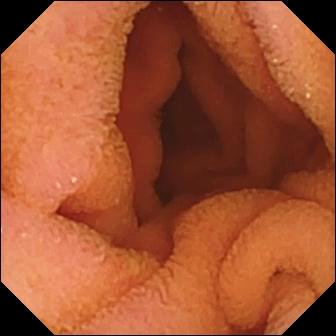- modality: video capsule endoscopy
- segment: small intestine
- finding: normal clean mucosa